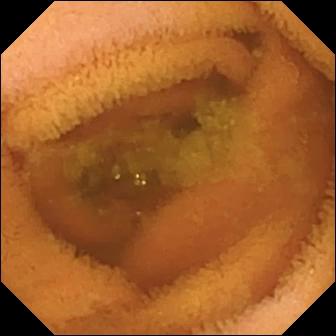- modality: VCE
- impression: normal clean mucosa